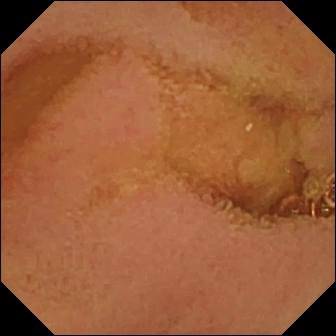Normal clean mucosa.